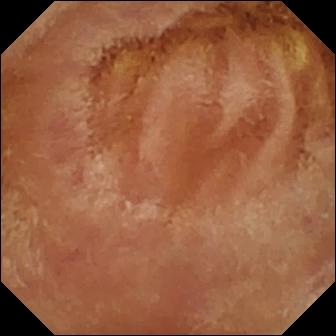VCE — normal clean mucosa.